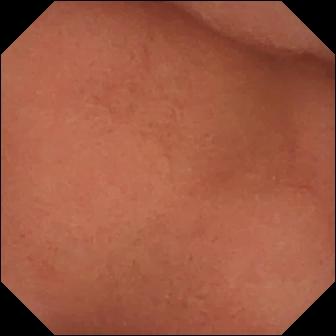This WCE view was taken in the pylorus region.